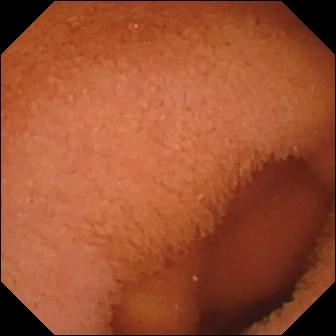VCE image of the small intestine showing normal clean mucosa.